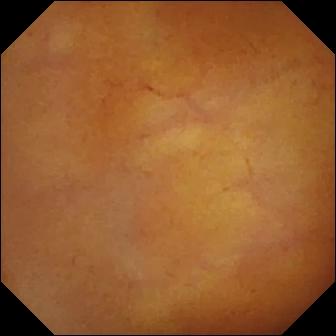modality: capsule endoscopy; category: luminal finding; observation: normal clean mucosa